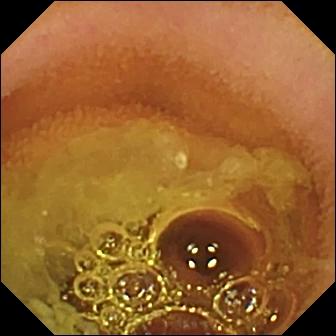Video capsule endoscopy. Small bowel. Impression: normal clean mucosa.